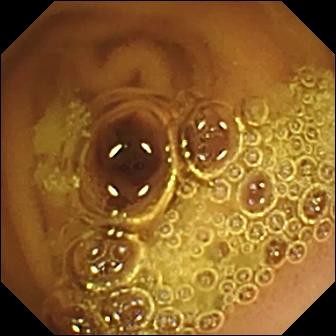WCE — normal clean mucosa.